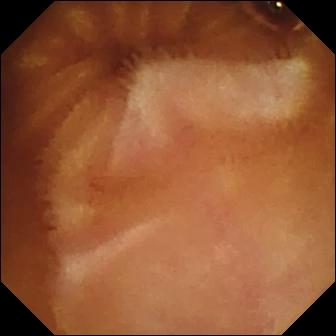modality: capsule endoscopy
segment: small bowel
label: normal clean mucosa